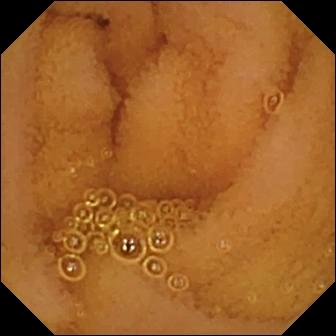modality: wireless capsule endoscopy
finding: normal clean mucosa